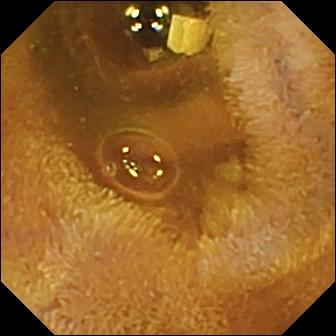- modality: small-bowel capsule endoscopy
- observation: foreign body (e.g. retained capsule, tablet residue)